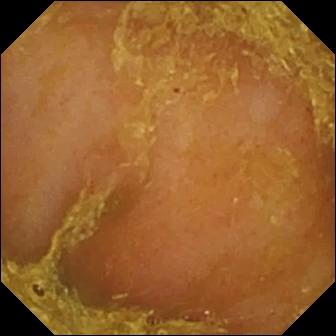Reduced mucosal view (content or bubbles obscuring the mucosa) — WCE snapshot of the small bowel.